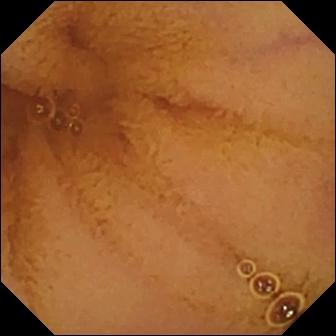PROCEDURE: Wireless capsule endoscopy.
FINDINGS: Normal clean mucosa.